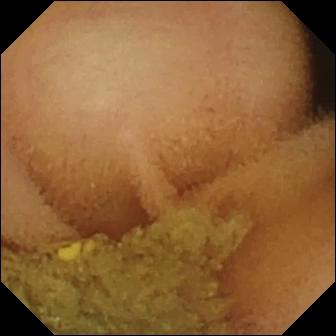{"modality": "small-bowel capsule endoscopy", "category": "luminal finding", "finding": "normal clean mucosa"}